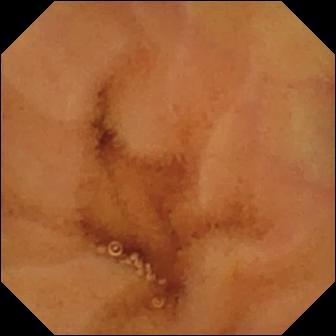Small-bowel capsule endoscopy view showing normal clean mucosa.